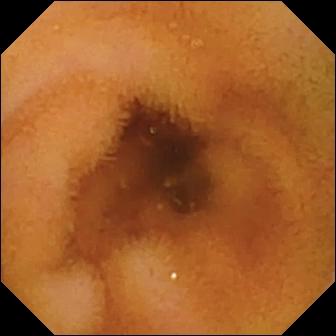Small-bowel capsule endoscopy snapshot
Observation: normal clean mucosa